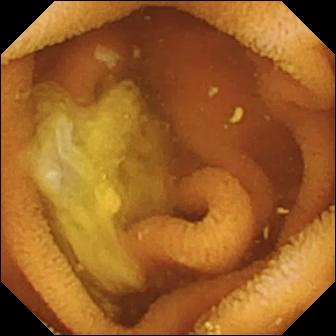PROCEDURE: Video capsule endoscopy.
FINDINGS: Normal clean mucosa.